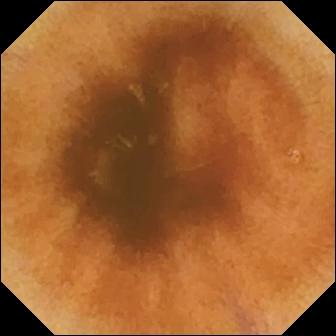VCE image (small bowel). Normal clean mucosa.